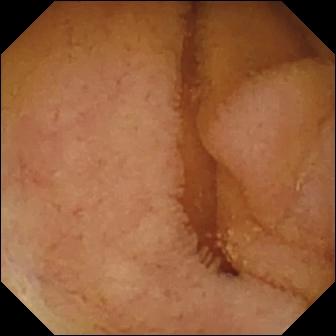PROCEDURE: Wireless capsule endoscopy.
FINDINGS: Normal clean mucosa.